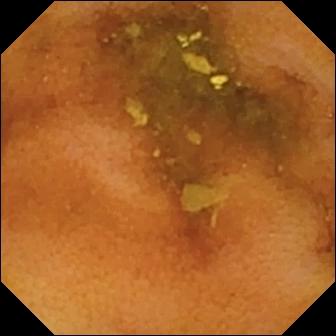Q: What does this VCE frame show?
A: Normal clean mucosa.